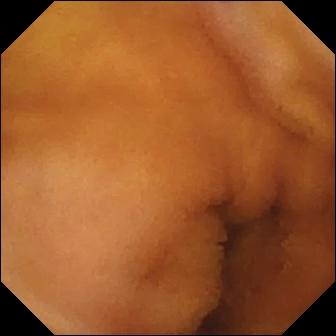modality: VCE
segment: small intestine
label: normal clean mucosa